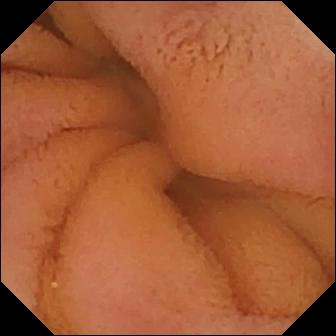modality: VCE | segment: small bowel | impression: normal clean mucosa